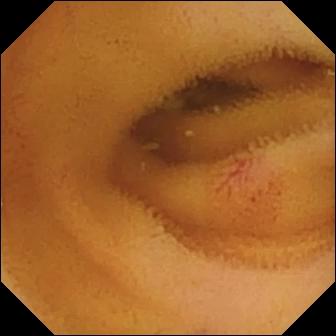Angiectasia — capsule endoscopy snapshot.